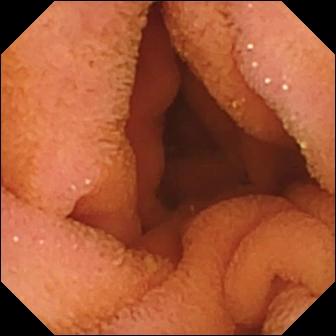- modality: capsule endoscopy
- segment: small intestine
- observation: normal clean mucosa